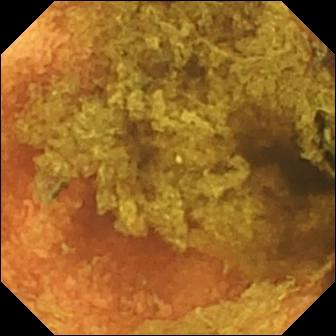PROCEDURE: WCE.
FINDINGS: Normal clean mucosa.